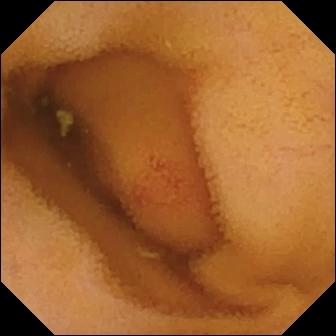Capsule endoscopy — angiectasia.